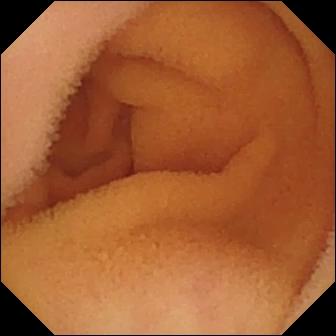Capsule endoscopy view
Observation: normal clean mucosa